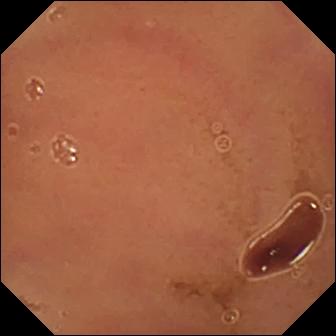Wireless capsule endoscopy frame (small intestine). Normal clean mucosa.